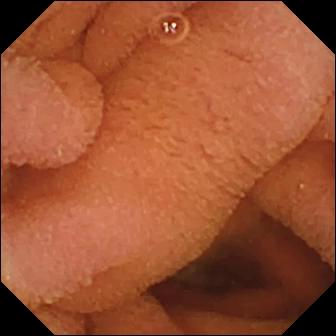Video capsule endoscopy. Finding: normal clean mucosa.